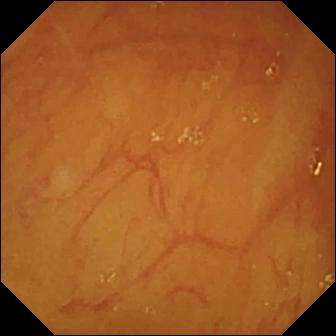PROCEDURE: WCE.
VIDEO SEGMENT: Ileo-cecal valve region (where the capsule passes from the small bowel into the large bowel).